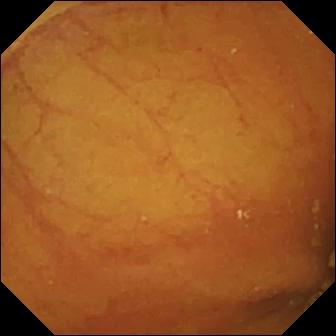WCE. Video segment: ileo-cecal valve region (the transition from the small bowel to the large bowel).